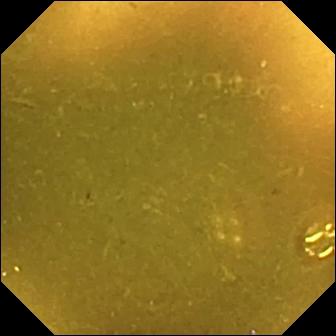Capsule endoscopy view. Taken in the ileo-cecal valve region (the transition from the small bowel to the large bowel).